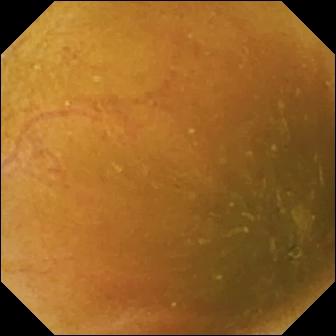Ileo-cecal valve region (where the capsule passes from the small bowel into the large bowel) — WCE still.